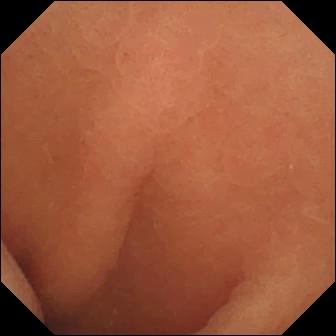VCE frame, 336×336. Normal clean mucosa.